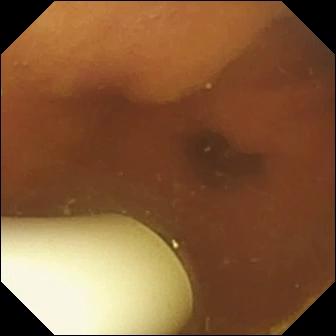VCE. Luminal finding. Label: foreign body (e.g. retained capsule, tablet residue).